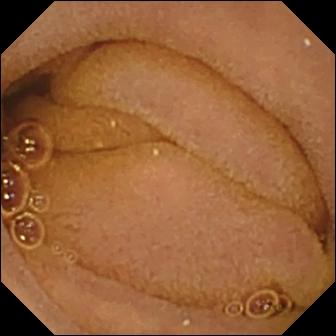{"modality": "VCE", "segment": "small bowel", "category": "luminal finding", "finding": "normal clean mucosa"}